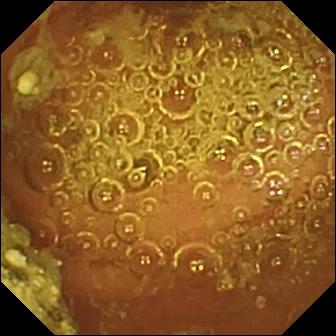- modality: small-bowel capsule endoscopy
- segment: small bowel
- impression: normal clean mucosa